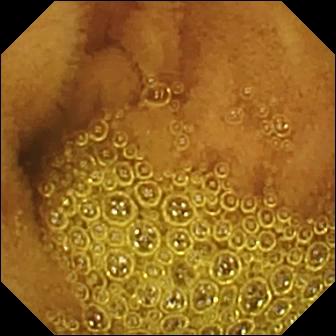VCE snapshot (small bowel). Normal clean mucosa.